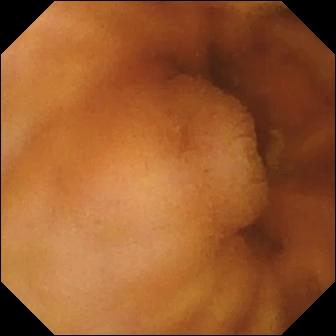Small-bowel capsule endoscopy. Small intestine. Label: normal clean mucosa.